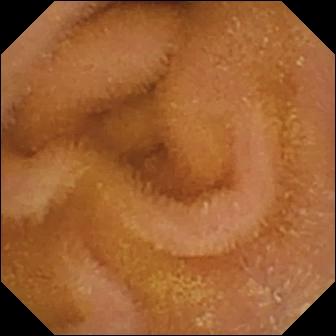Small-bowel capsule endoscopy view of the small bowel showing normal clean mucosa.